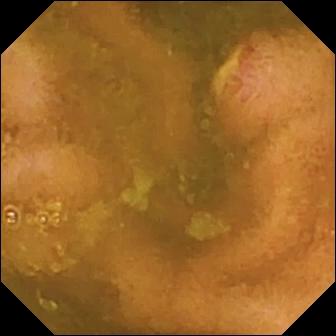Video capsule endoscopy image
Label: ulcer